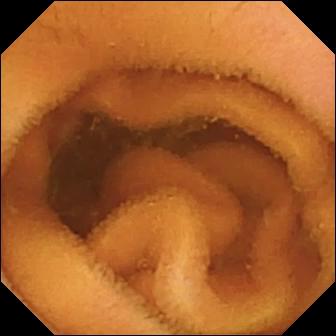VCE snapshot (small bowel), 336×336. Normal clean mucosa.